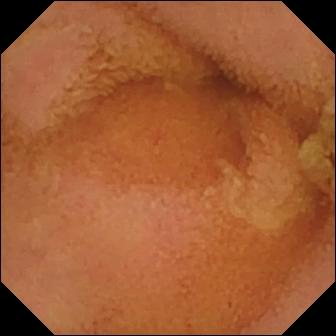Small-bowel capsule endoscopy view of the small intestine showing normal clean mucosa.